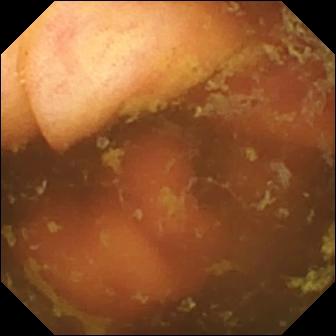Capsule endoscopy still. Taken in the ileo-cecal valve region (the transition from the small bowel to the large bowel).